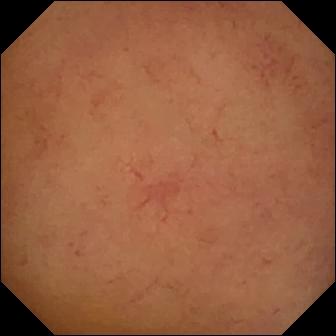This VCE image of the small bowel shows normal clean mucosa.